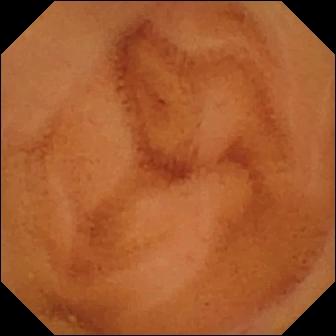WCE frame (small bowel), 336×336. Normal clean mucosa.